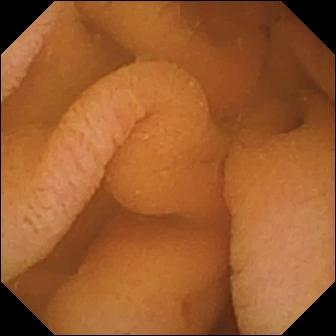Capsule endoscopy — normal clean mucosa.